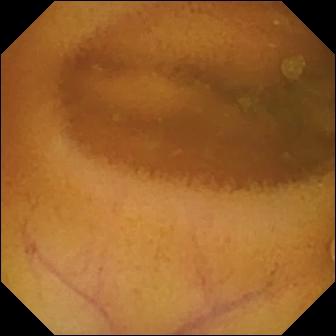{"modality": "video capsule endoscopy", "segment": "small bowel", "finding": "normal clean mucosa"}